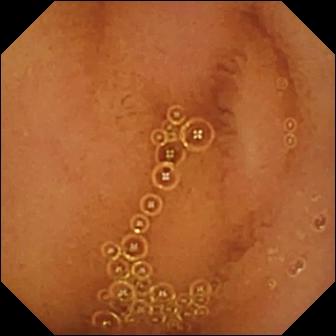modality: capsule endoscopy; segment: small bowel; observation: normal clean mucosa